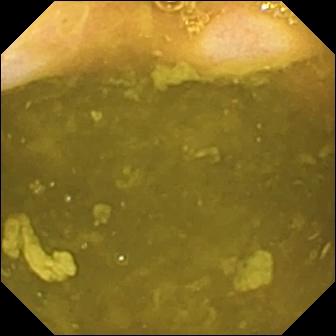Wireless capsule endoscopy. Position: ileo-cecal valve region (the transition from the small bowel to the large bowel).